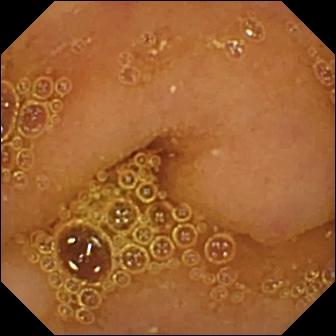Q: What does this capsule endoscopy snapshot of the small bowel show?
A: Normal clean mucosa.